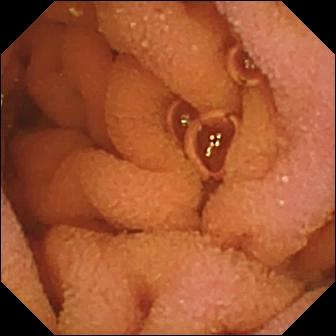Small-bowel capsule endoscopy — normal clean mucosa.